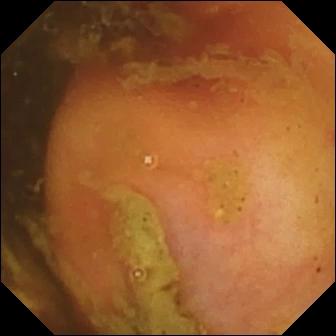Capsule endoscopy snapshot taken in the ileo-cecal valve region.